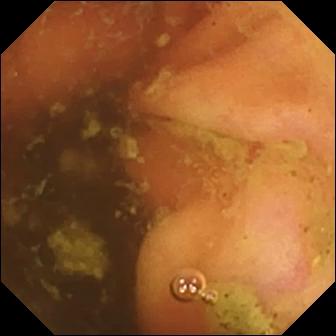Ileo-cecal valve region.